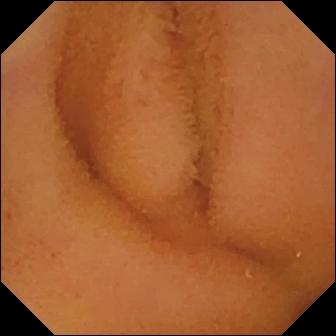- modality: wireless capsule endoscopy
- observation: normal clean mucosa